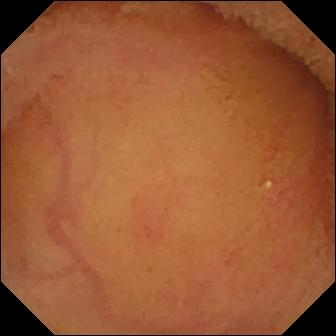Q: What does this small-bowel capsule endoscopy image of the small intestine show?
A: Normal clean mucosa.